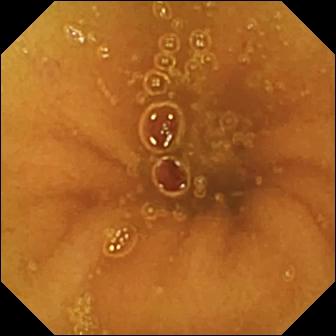PROCEDURE: Wireless capsule endoscopy.
FINDINGS: Normal clean mucosa.